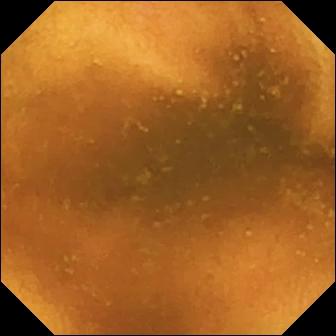Wireless capsule endoscopy image (small intestine). Normal clean mucosa.